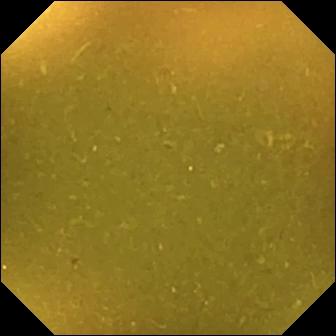{"modality": "WCE", "position": "ileo-cecal valve region"}